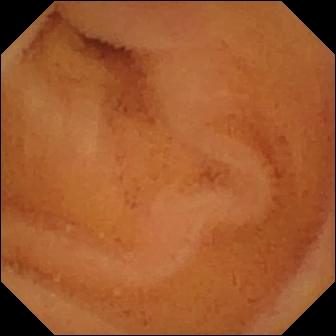{"modality": "video capsule endoscopy", "segment": "small bowel", "finding": "normal clean mucosa"}